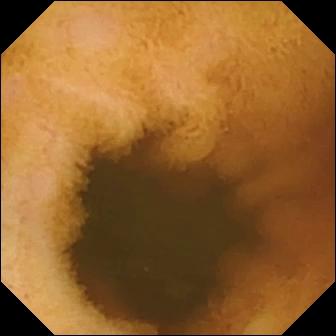VCE frame, small bowel
Observation: normal clean mucosa